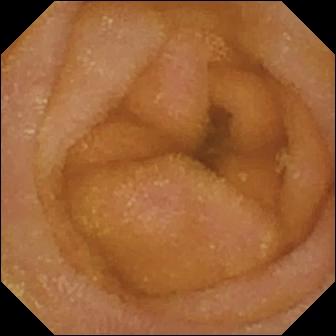Small-bowel capsule endoscopy image. Normal clean mucosa.